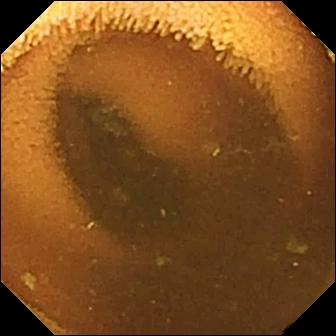Video capsule endoscopy image (small intestine). Normal clean mucosa.